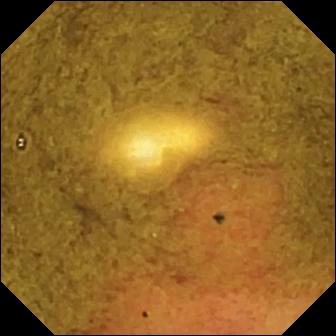modality: wireless capsule endoscopy; label: ileo-cecal valve region (the transition from the small bowel to the large bowel)